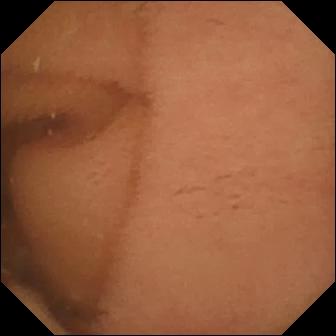Capsule endoscopy. Luminal finding. Observation: normal clean mucosa.